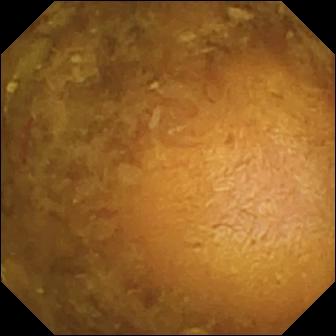Video capsule endoscopy view showing reduced mucosal view (content or bubbles obscuring the mucosa).